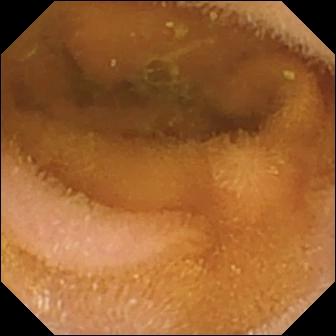PROCEDURE: Small-bowel capsule endoscopy.
SEGMENT: Small intestine.
FINDINGS: Normal clean mucosa.